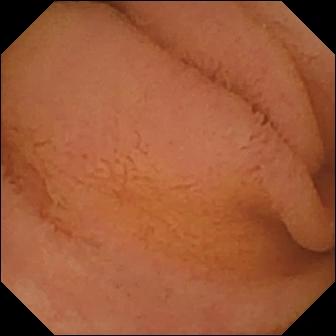Video capsule endoscopy — normal clean mucosa.